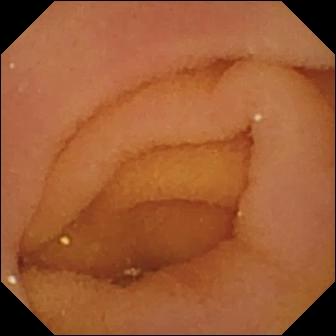- modality: WCE
- category: anatomical landmark
- video segment: pylorus region (where the capsule passes from the stomach into the small bowel)